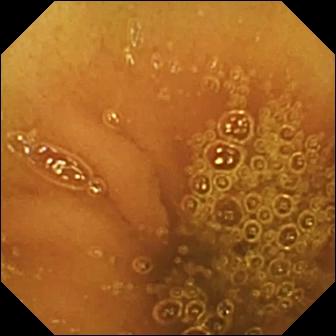This WCE frame shows normal clean mucosa.